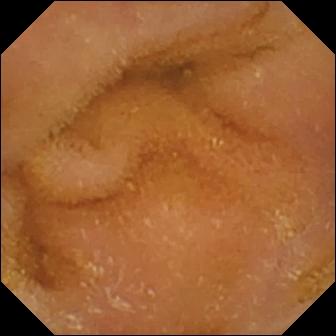{"modality": "VCE", "finding": "normal clean mucosa"}